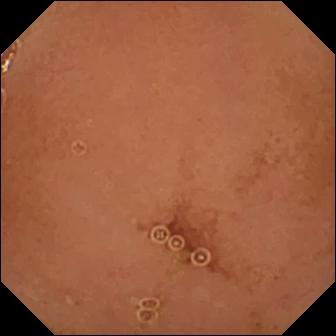PROCEDURE: WCE.
SEGMENT: Small intestine.
FINDINGS: Normal clean mucosa.